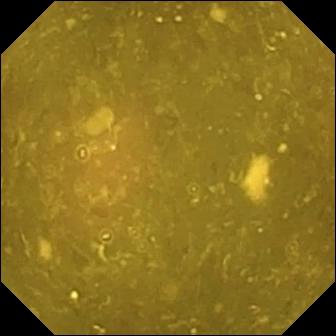modality: video capsule endoscopy; video segment: ileo-cecal valve region (where the capsule passes from the small bowel into the large bowel)